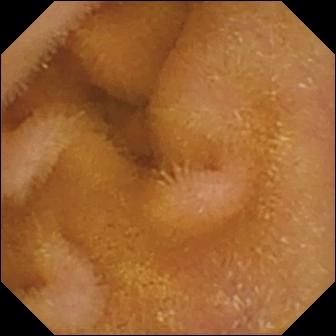WCE image (small bowel). Normal clean mucosa.